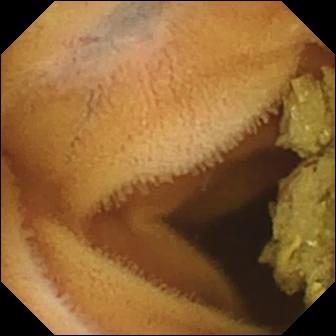Wireless capsule endoscopy — normal clean mucosa.